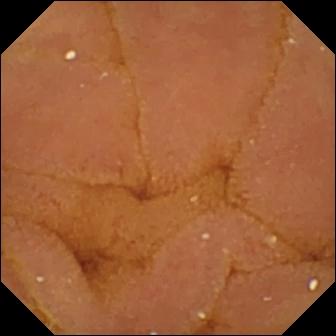Capsule endoscopy — normal clean mucosa.